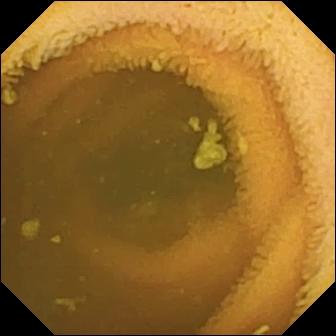WCE frame, small bowel
Finding: normal clean mucosa